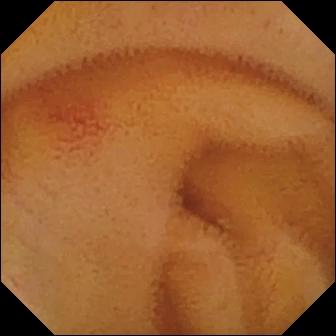This VCE image shows angiectasia.